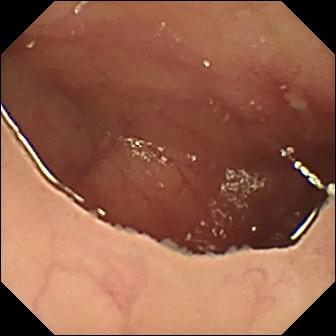{"modality": "wireless capsule endoscopy", "category": "luminal finding", "finding": "ulcer"}